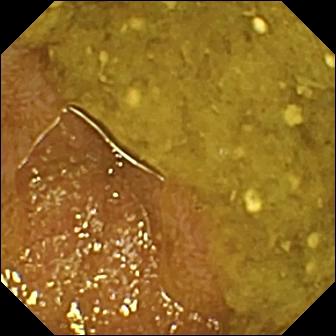- modality: VCE
- label: ileo-cecal valve region (the transition from the small bowel to the large bowel)